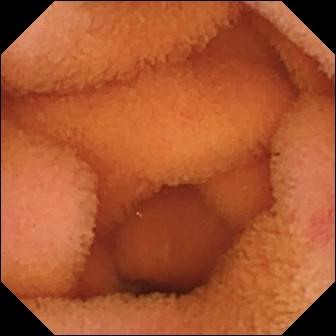Wireless capsule endoscopy still
Label: normal clean mucosa